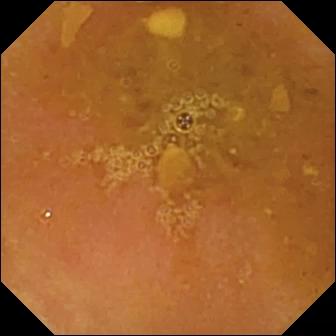VCE. Small bowel. Observation: reduced mucosal view (content or bubbles obscuring the mucosa).